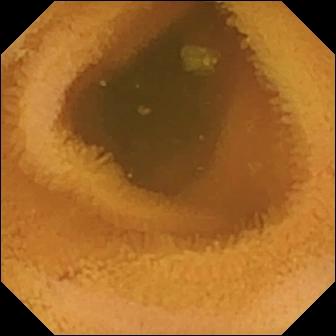Q: What does this capsule endoscopy image show?
A: Normal clean mucosa.